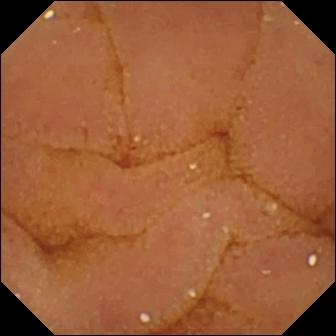Video capsule endoscopy view, 336×336. Normal clean mucosa.